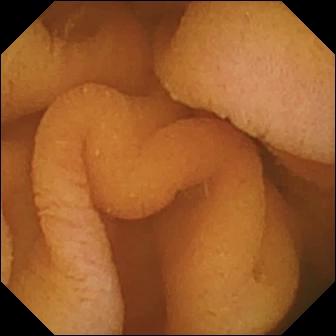- modality: WCE
- observation: normal clean mucosa